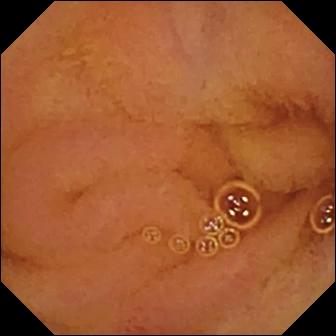- modality: video capsule endoscopy
- segment: small intestine
- finding: normal clean mucosa